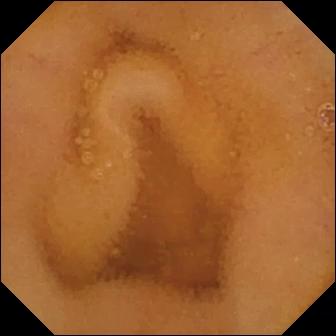Q: What does this WCE frame show?
A: Normal clean mucosa.